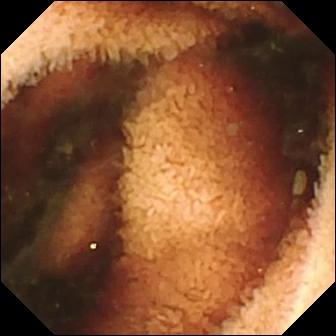Wireless capsule endoscopy — fresh blood in the lumen.